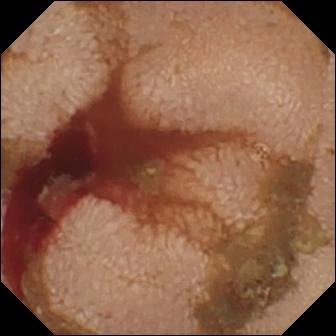PROCEDURE: WCE.
FINDINGS: Fresh blood in the lumen.